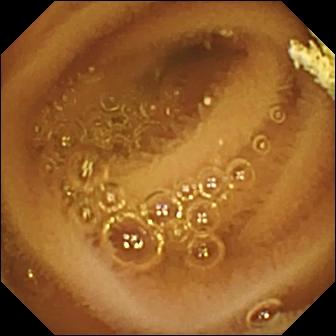Normal clean mucosa — small-bowel capsule endoscopy snapshot.